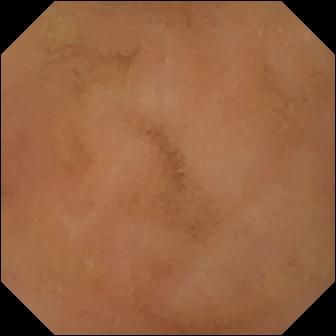Small-bowel capsule endoscopy — normal clean mucosa.